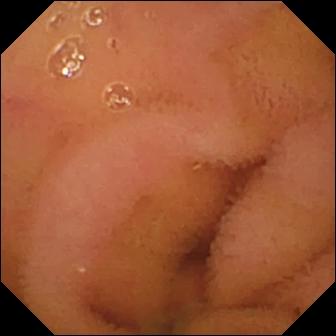Normal clean mucosa (336×336).